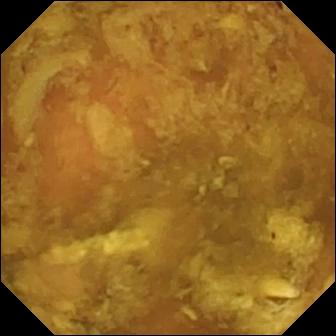Reduced mucosal view (content or bubbles obscuring the mucosa) — small-bowel capsule endoscopy view.